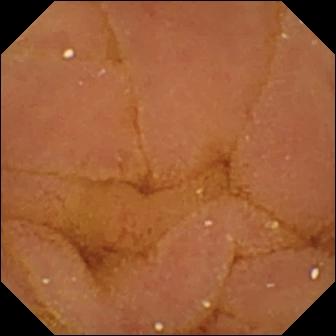WCE frame of the small intestine showing normal clean mucosa.